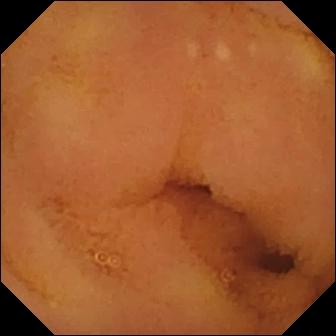This VCE image of the small intestine shows normal clean mucosa.